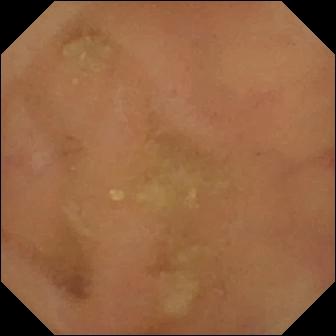- modality: capsule endoscopy
- category: luminal finding
- finding: normal clean mucosa